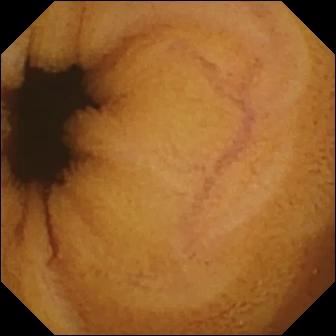PROCEDURE: Wireless capsule endoscopy.
FINDINGS: Normal clean mucosa.